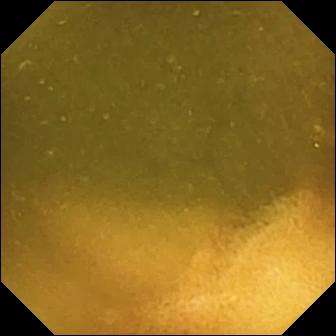This small-bowel capsule endoscopy frame was taken in the ileo-cecal valve region.